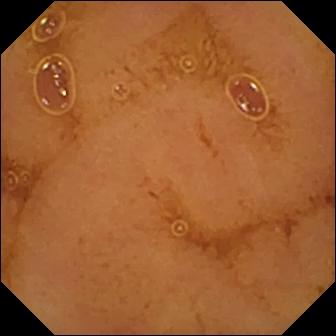Capsule endoscopy. Small bowel. Luminal finding. Finding: normal clean mucosa.